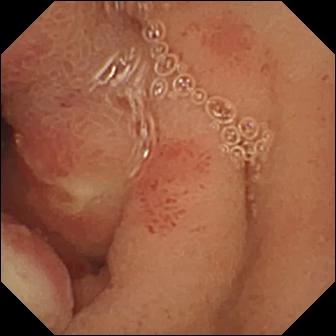PROCEDURE: WCE.
FINDINGS: Ulcer.